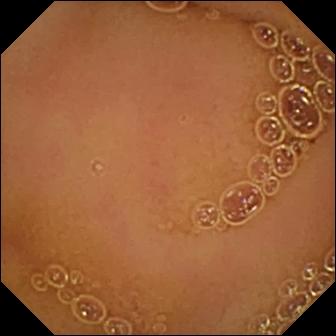Wireless capsule endoscopy image, small intestine
Observation: normal clean mucosa